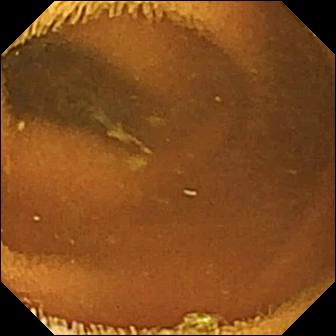Small-bowel capsule endoscopy view showing normal clean mucosa.